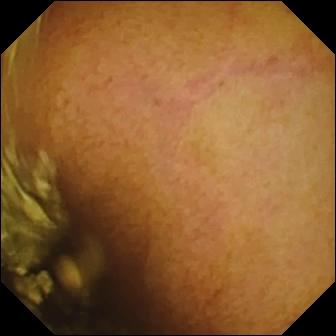PROCEDURE: Video capsule endoscopy.
SEGMENT: Small bowel.
FINDINGS: Normal clean mucosa.